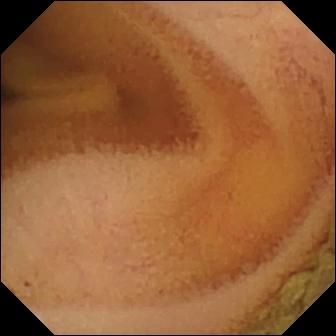Normal clean mucosa.